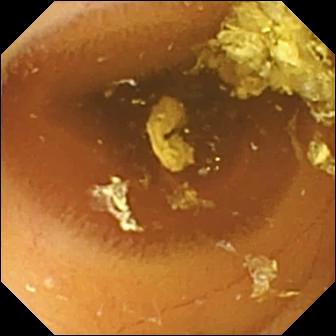- modality: VCE
- segment: small intestine
- label: normal clean mucosa